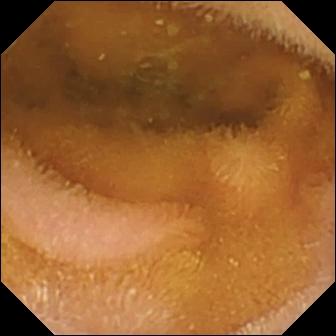Video capsule endoscopy still showing normal clean mucosa.